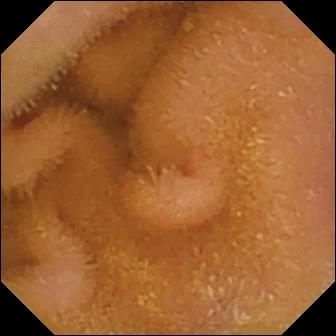Wireless capsule endoscopy. Small bowel. Luminal finding. Finding: normal clean mucosa.